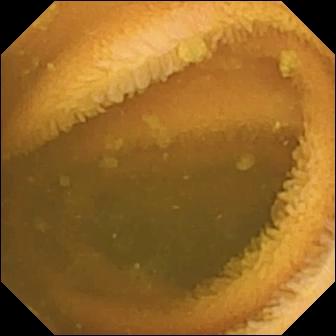{"modality": "VCE", "segment": "small bowel", "category": "luminal finding", "finding": "normal clean mucosa"}